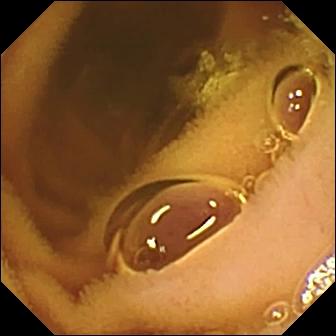VCE frame of the small bowel showing normal clean mucosa.